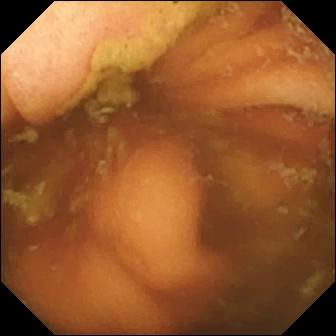modality: VCE; label: ileo-cecal valve region